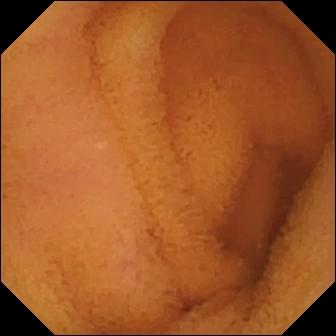Capsule endoscopy still
Impression: normal clean mucosa